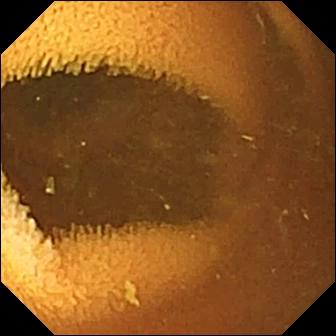PROCEDURE: Capsule endoscopy.
FINDINGS: Normal clean mucosa.